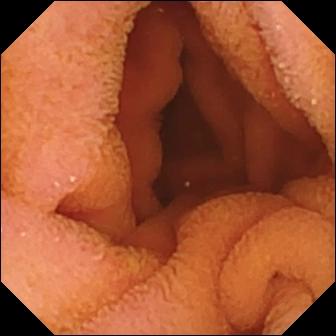Wireless capsule endoscopy view showing normal clean mucosa.